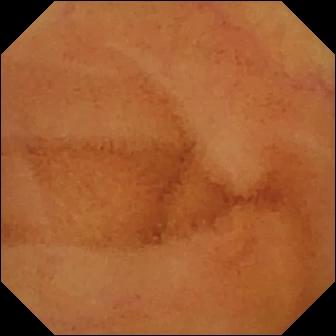Video capsule endoscopy frame, small bowel
Finding: normal clean mucosa